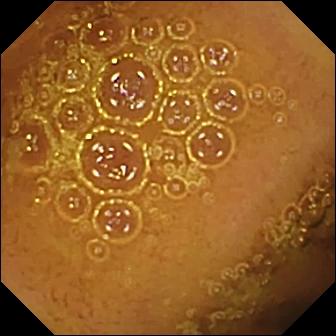Capsule endoscopy — normal clean mucosa.